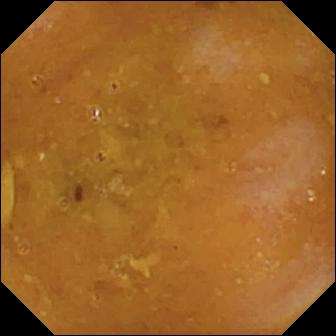{"modality": "wireless capsule endoscopy", "category": "luminal finding", "finding": "reduced mucosal view (content or bubbles obscuring the mucosa)"}